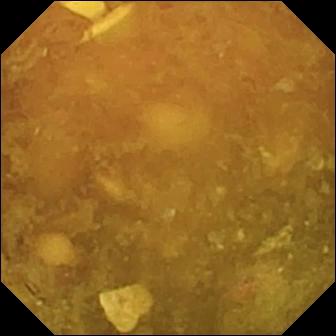VCE still showing reduced mucosal view (content or bubbles obscuring the mucosa).